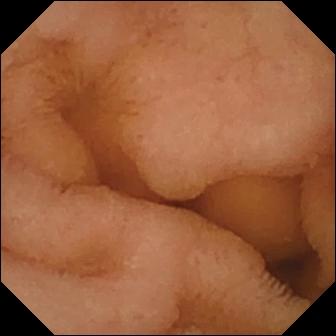Normal clean mucosa — wireless capsule endoscopy frame of the small bowel.